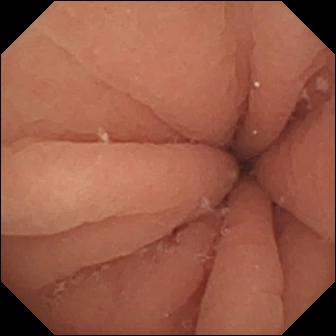modality: VCE | video segment: pylorus region